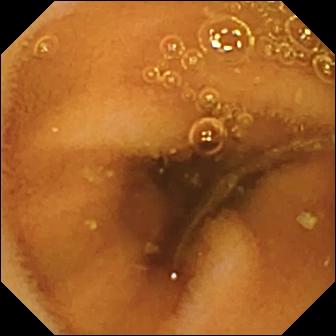Capsule endoscopy image, small bowel
Finding: normal clean mucosa